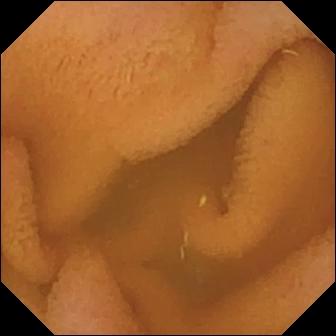PROCEDURE: Capsule endoscopy.
FINDINGS: Normal clean mucosa.